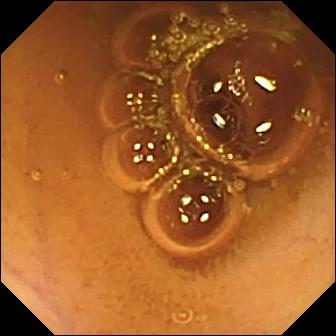modality: small-bowel capsule endoscopy; category: luminal finding; label: normal clean mucosa